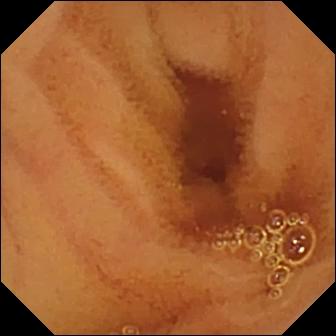- modality: VCE
- category: luminal finding
- label: normal clean mucosa